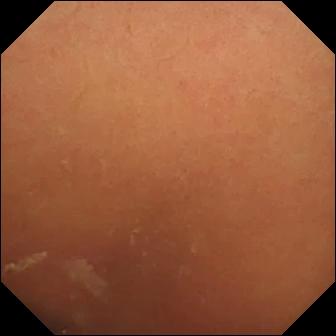Video capsule endoscopy still showing normal clean mucosa.